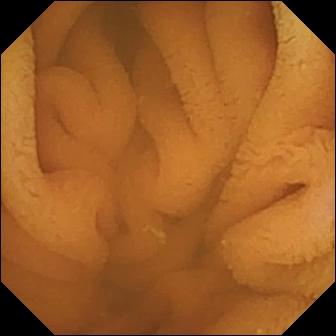PROCEDURE: Small-bowel capsule endoscopy.
FINDINGS: Normal clean mucosa.